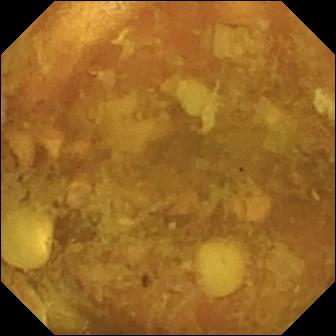PROCEDURE: Capsule endoscopy.
SEGMENT: Small intestine.
FINDINGS: Reduced mucosal view (content or bubbles obscuring the mucosa).